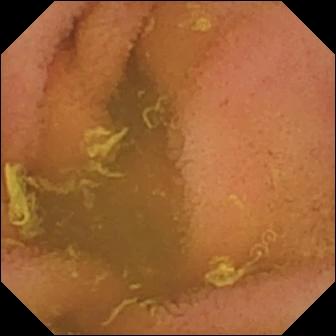Q: What does this WCE image show?
A: Normal clean mucosa.